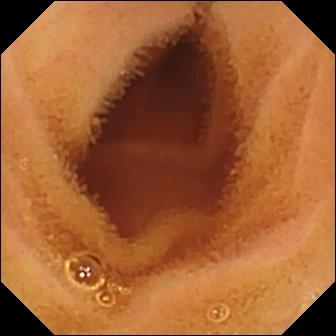- modality: capsule endoscopy
- segment: small intestine
- finding: normal clean mucosa